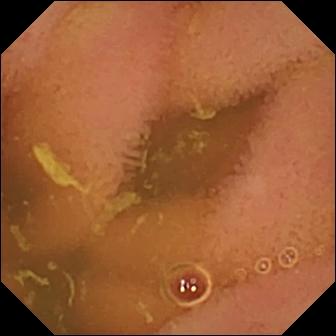PROCEDURE: WCE.
SEGMENT: Small intestine.
FINDINGS: Normal clean mucosa.